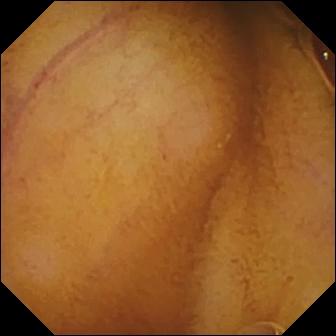Q: What does this WCE view show?
A: Normal clean mucosa.